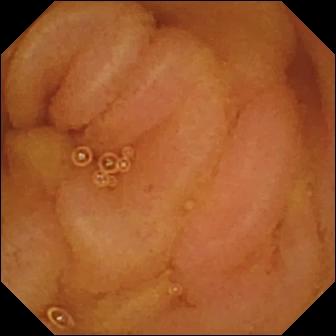This wireless capsule endoscopy image of the small intestine shows normal clean mucosa.